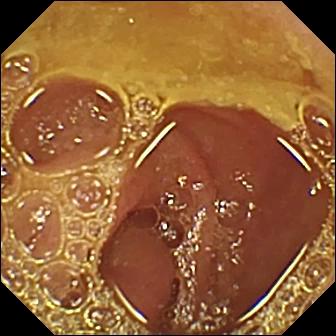- modality: wireless capsule endoscopy
- observation: normal clean mucosa